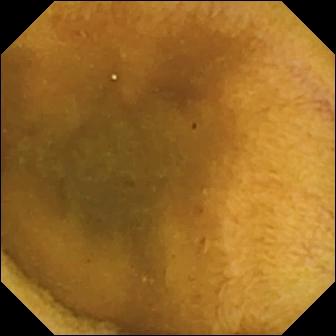Normal clean mucosa — capsule endoscopy image of the small bowel.